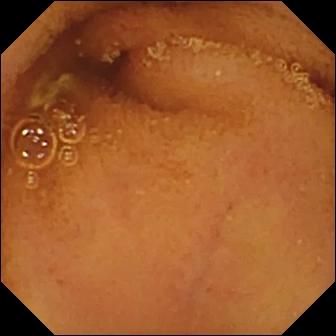PROCEDURE: VCE.
FINDINGS: Normal clean mucosa.